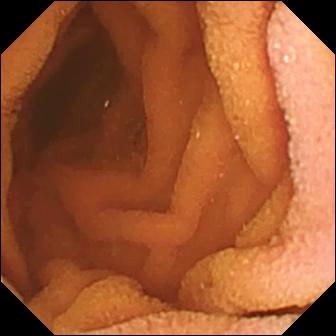modality: video capsule endoscopy
category: luminal finding
finding: normal clean mucosa